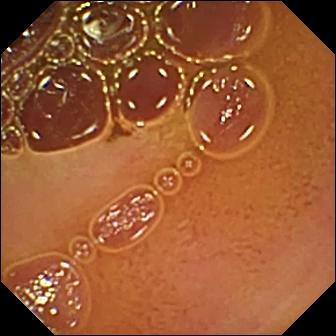Q: What does this wireless capsule endoscopy image show?
A: Normal clean mucosa.